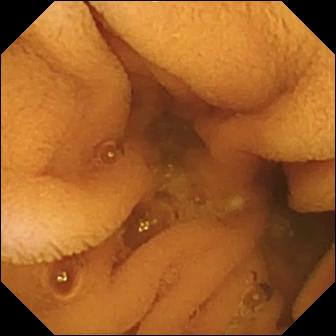{"modality": "VCE", "finding": "normal clean mucosa"}